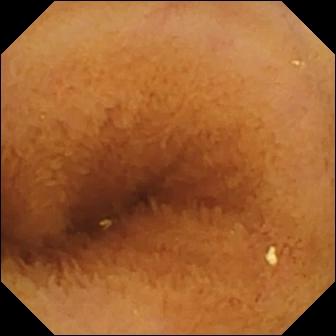{"modality": "video capsule endoscopy", "finding": "normal clean mucosa"}